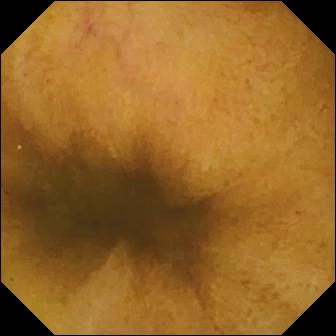- modality: WCE
- category: luminal finding
- label: normal clean mucosa